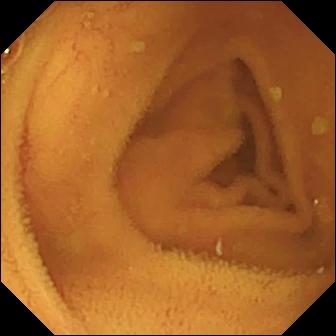This small-bowel capsule endoscopy still shows normal clean mucosa.